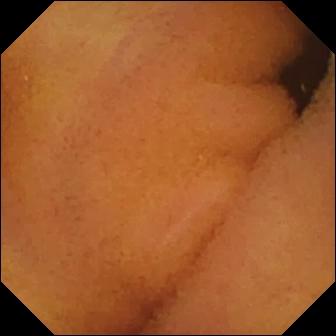Video capsule endoscopy — normal clean mucosa.